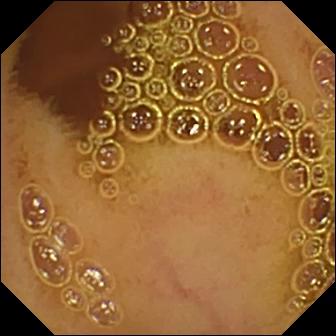modality: capsule endoscopy; segment: small intestine; finding: normal clean mucosa